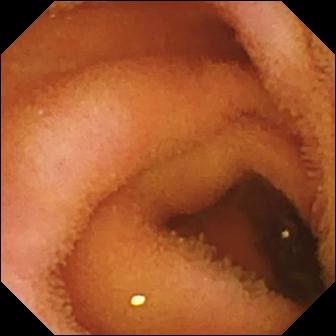VCE. Small intestine. Luminal finding. Finding: normal clean mucosa.